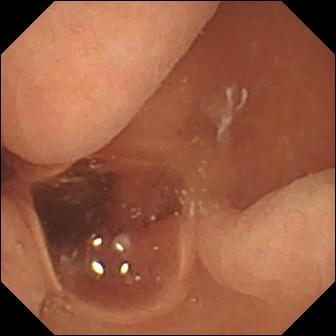{"modality": "capsule endoscopy", "finding": "normal clean mucosa"}